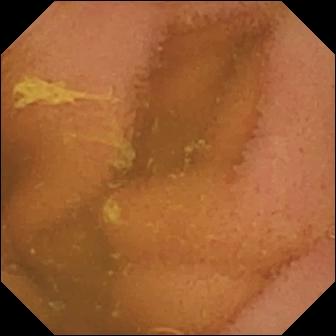Capsule endoscopy frame
Finding: normal clean mucosa